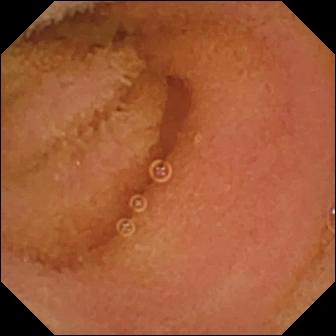PROCEDURE: Small-bowel capsule endoscopy.
SEGMENT: Small bowel.
FINDINGS: Normal clean mucosa.